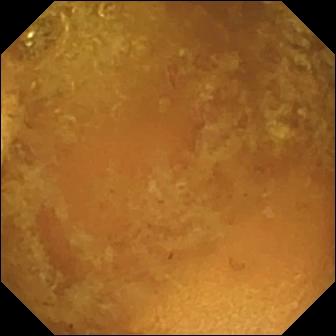Q: What does this WCE image of the small intestine show?
A: Reduced mucosal view (content or bubbles obscuring the mucosa).